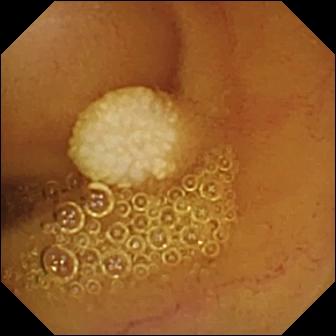Video capsule endoscopy view
Observation: lymphangiectasia